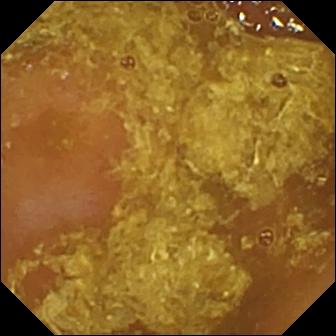Wireless capsule endoscopy. Small intestine. Label: reduced mucosal view (content or bubbles obscuring the mucosa).